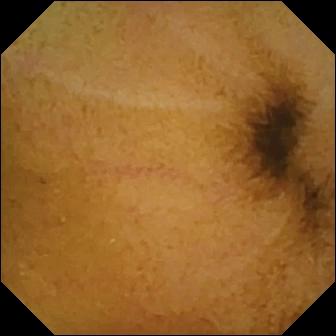{"modality": "WCE", "segment": "small bowel", "finding": "normal clean mucosa"}